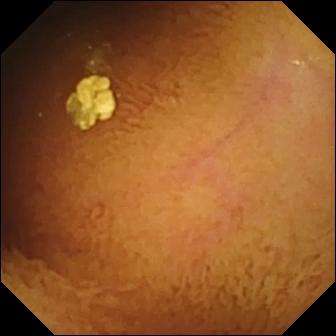WCE — normal clean mucosa.